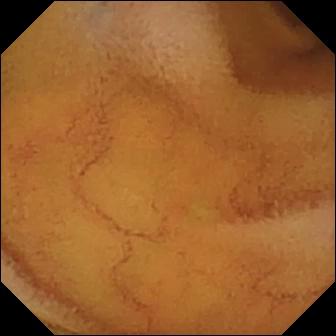Capsule endoscopy image (small intestine). Normal clean mucosa.